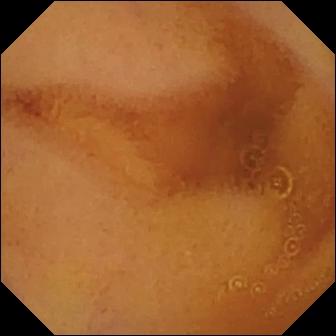This WCE image of the small intestine shows normal clean mucosa.